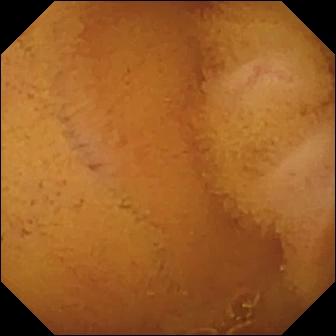Video capsule endoscopy. Finding: normal clean mucosa.